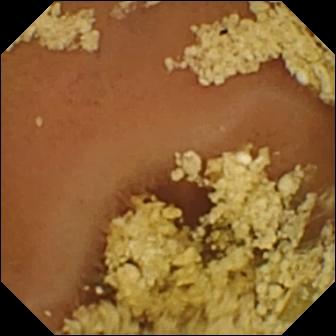WCE. Finding: normal clean mucosa.